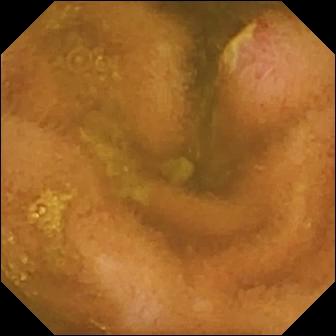Ulcer — wireless capsule endoscopy image.